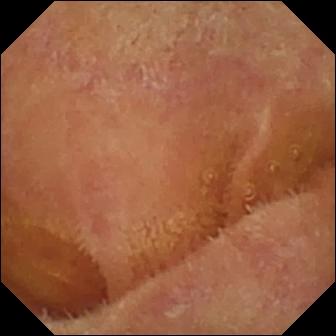VCE frame (small bowel). Normal clean mucosa.